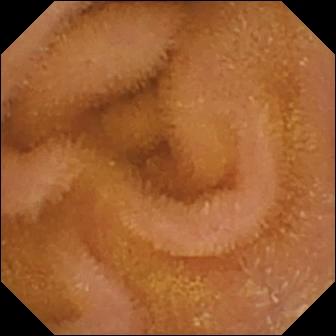modality: wireless capsule endoscopy
impression: normal clean mucosa